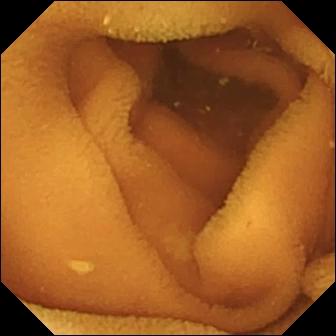Q: What does this small-bowel capsule endoscopy snapshot show?
A: Normal clean mucosa.